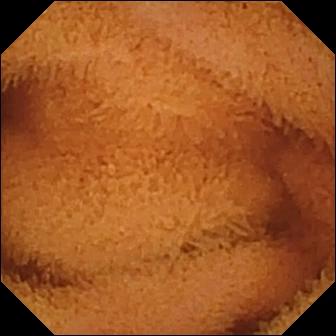{"modality": "wireless capsule endoscopy", "segment": "small bowel", "category": "luminal finding", "finding": "normal clean mucosa"}